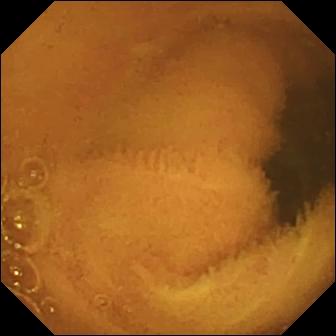Wireless capsule endoscopy snapshot of the small intestine showing normal clean mucosa.